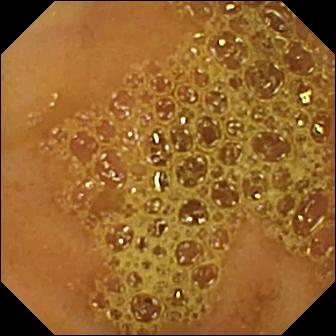WCE — ileo-cecal valve region.